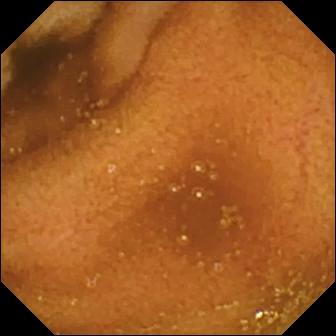Capsule endoscopy image. Normal clean mucosa.